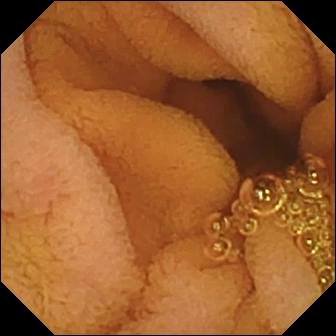PROCEDURE: Small-bowel capsule endoscopy.
SEGMENT: Small intestine.
FINDINGS: Normal clean mucosa.